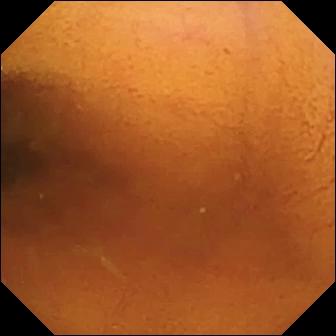Normal clean mucosa — small-bowel capsule endoscopy frame of the small bowel.